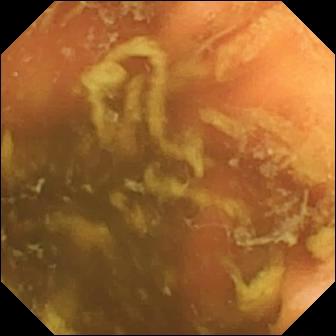Q: Where in the digestive tract was this video capsule endoscopy snapshot taken?
A: Ileo-cecal valve region.